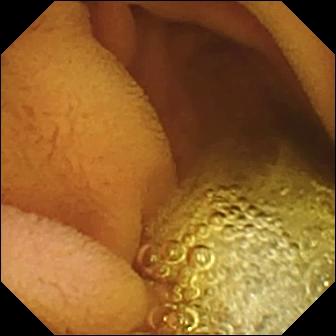modality: video capsule endoscopy; observation: normal clean mucosa